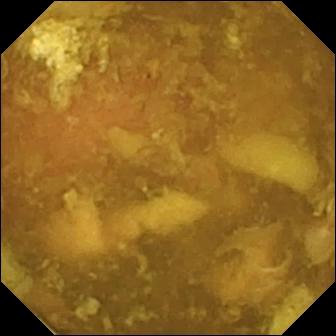Small-bowel capsule endoscopy snapshot, 336×336. Reduced mucosal view (content or bubbles obscuring the mucosa).